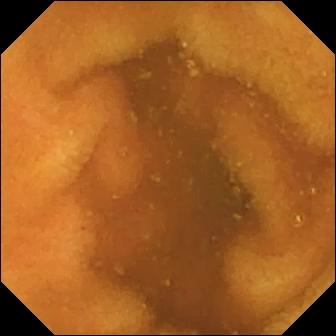{"modality": "VCE", "finding": "normal clean mucosa"}